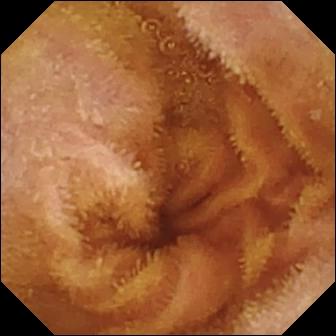Q: What does this VCE still show?
A: Normal clean mucosa.